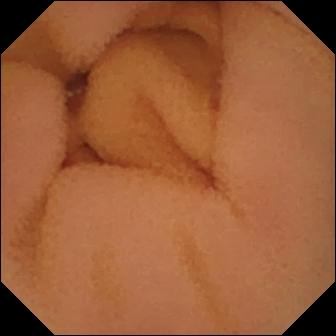Video capsule endoscopy. Small bowel. Luminal finding. Label: normal clean mucosa.